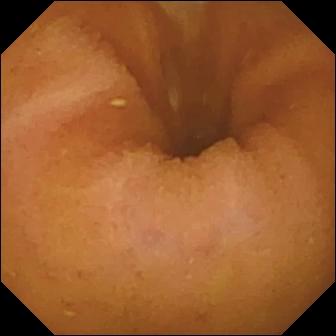This wireless capsule endoscopy snapshot shows normal clean mucosa.